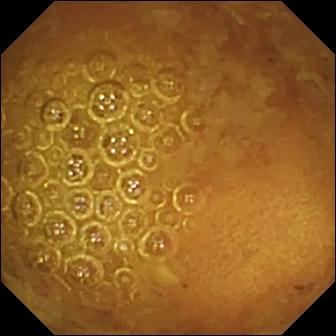WCE still of the small intestine showing reduced mucosal view (content or bubbles obscuring the mucosa).